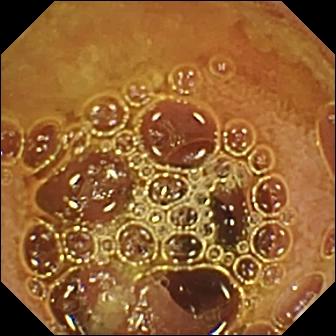Normal clean mucosa — VCE frame of the small bowel.